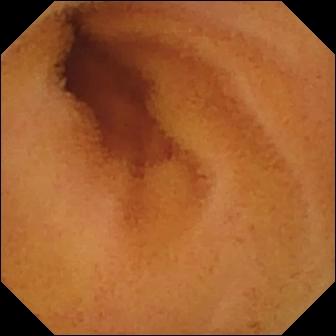Q: What does this small-bowel capsule endoscopy frame of the small bowel show?
A: Normal clean mucosa.